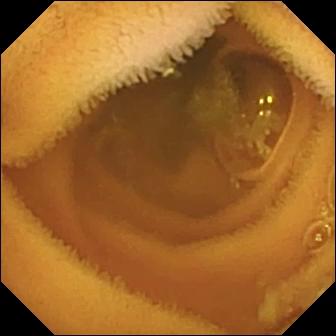Normal clean mucosa — capsule endoscopy view.